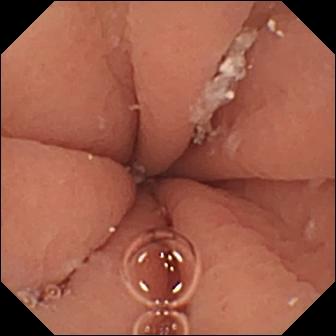- modality: small-bowel capsule endoscopy
- video segment: pylorus region (the junction between the stomach and the small bowel)